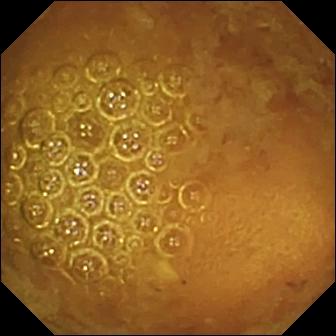Reduced mucosal view (content or bubbles obscuring the mucosa).